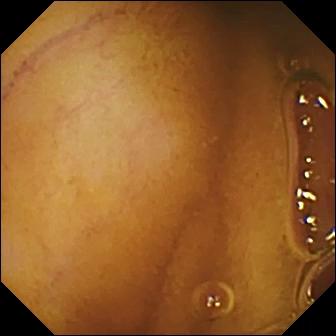Capsule endoscopy image showing normal clean mucosa.